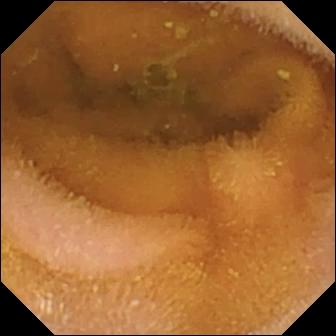Small-bowel capsule endoscopy. Finding: normal clean mucosa.